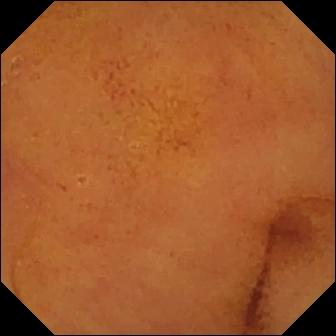Capsule endoscopy still
Label: normal clean mucosa